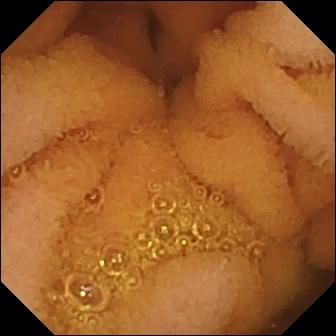PROCEDURE: Wireless capsule endoscopy.
FINDINGS: Normal clean mucosa.